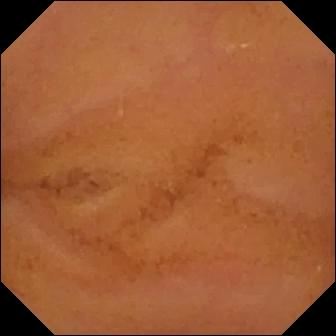modality: WCE; finding: normal clean mucosa